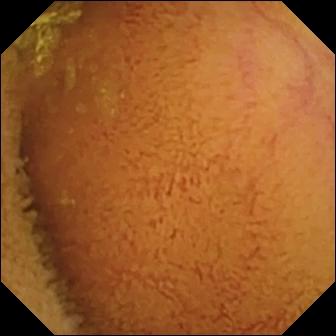PROCEDURE: Small-bowel capsule endoscopy.
SEGMENT: Small bowel.
FINDINGS: Normal clean mucosa.